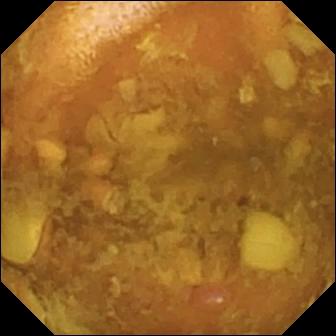PROCEDURE: Wireless capsule endoscopy.
SEGMENT: Small intestine.
FINDINGS: Reduced mucosal view (content or bubbles obscuring the mucosa).